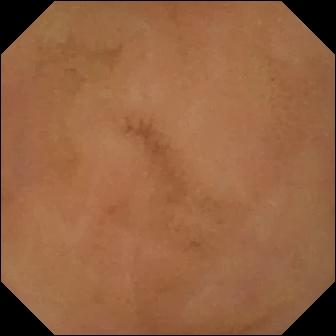This wireless capsule endoscopy image shows normal clean mucosa.